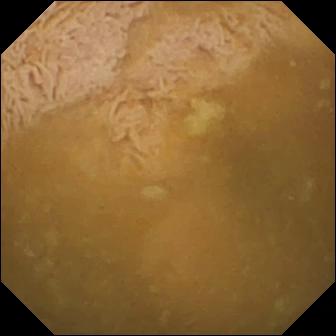This VCE view was taken in the ileo-cecal valve region (where the capsule passes from the small bowel into the large bowel).